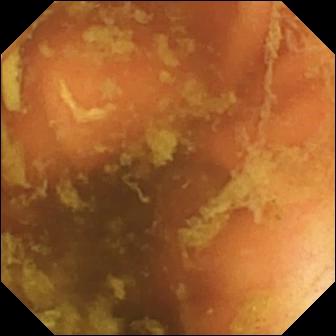Ileo-cecal valve region (where the capsule passes from the small bowel into the large bowel).